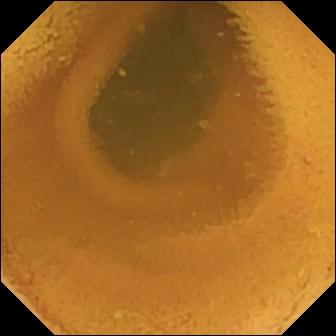- modality: capsule endoscopy
- category: luminal finding
- observation: normal clean mucosa